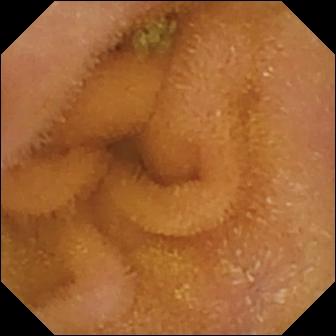modality: WCE
label: normal clean mucosa